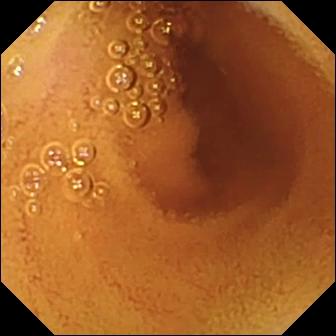PROCEDURE: Small-bowel capsule endoscopy.
SEGMENT: Small bowel.
FINDINGS: Normal clean mucosa.